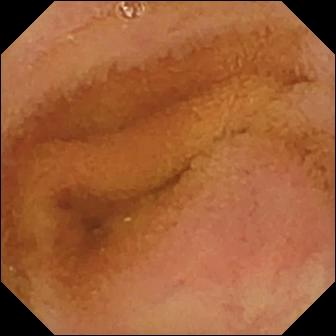modality: capsule endoscopy
segment: small bowel
label: normal clean mucosa